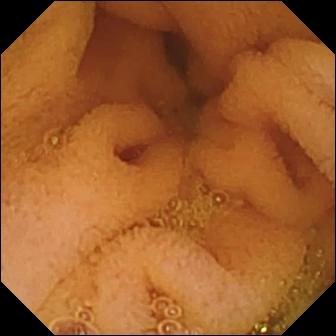modality: VCE; category: luminal finding; observation: normal clean mucosa